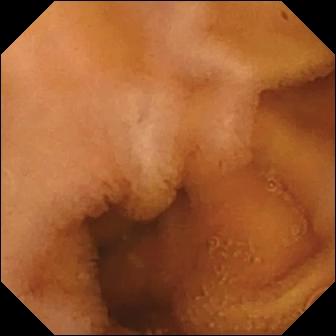Capsule endoscopy — normal clean mucosa.